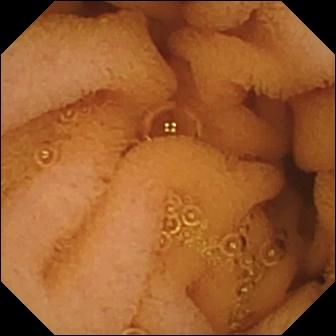Normal clean mucosa — capsule endoscopy view of the small intestine.